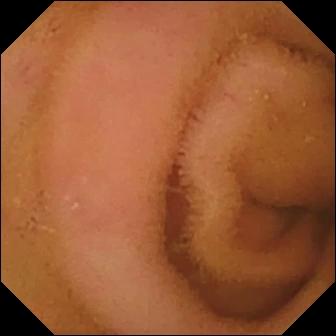Normal clean mucosa.